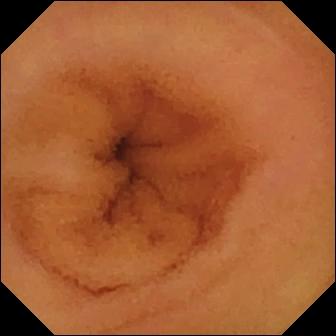Small-bowel capsule endoscopy snapshot (small bowel). Normal clean mucosa.